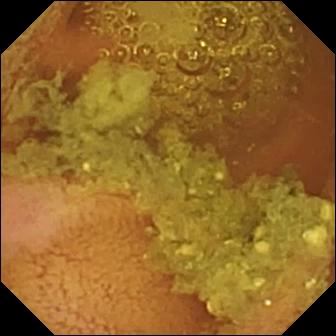Capsule endoscopy — normal clean mucosa.